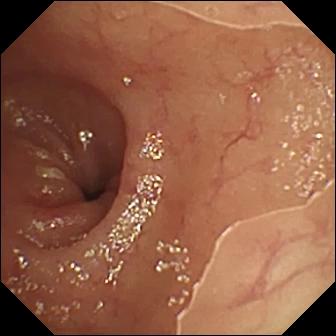Ulcer — capsule endoscopy still.